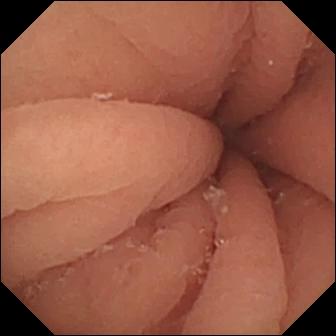- modality: video capsule endoscopy
- position: pylorus region (the junction between the stomach and the small bowel)